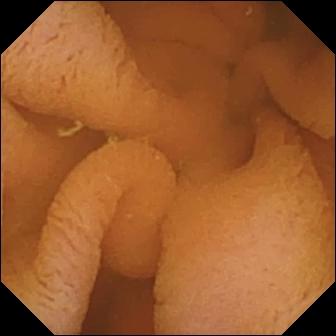This video capsule endoscopy frame of the small intestine shows normal clean mucosa.